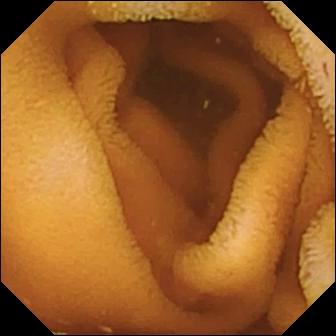Wireless capsule endoscopy snapshot
Observation: normal clean mucosa